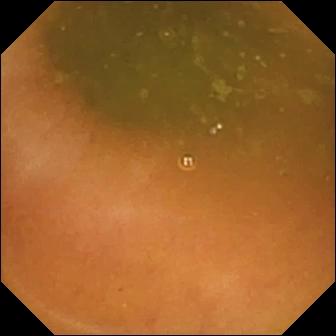Ileo-cecal valve region.